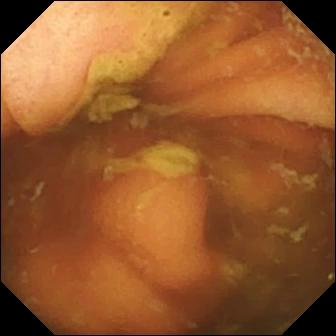Small-bowel capsule endoscopy snapshot. Taken in the ileo-cecal valve region.